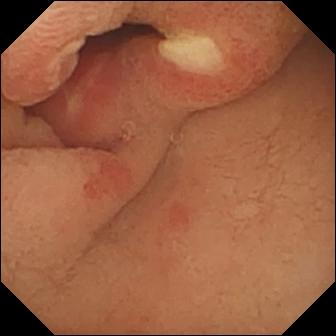Ulcer — VCE image.